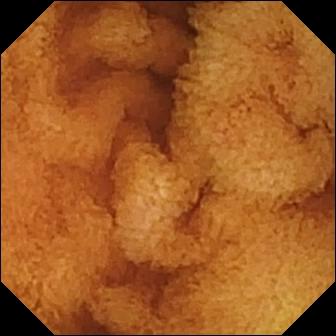VCE still
Observation: normal clean mucosa